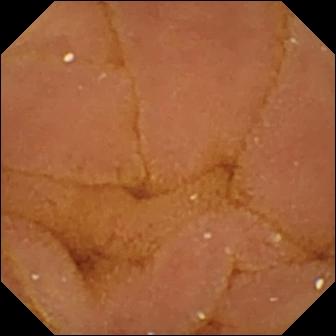VCE. Observation: normal clean mucosa.